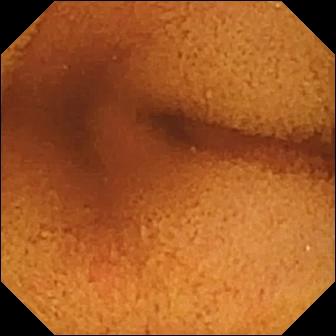- modality: video capsule endoscopy
- category: luminal finding
- impression: normal clean mucosa